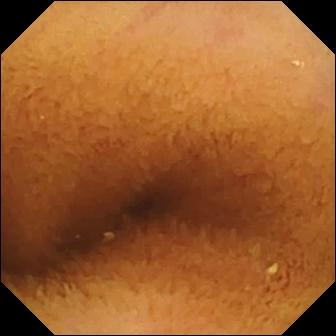Small-bowel capsule endoscopy — normal clean mucosa.